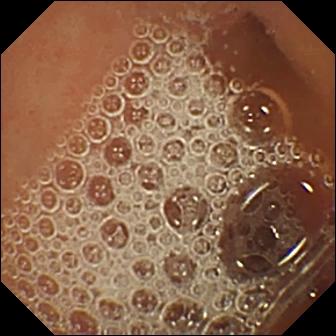modality: VCE; finding: normal clean mucosa